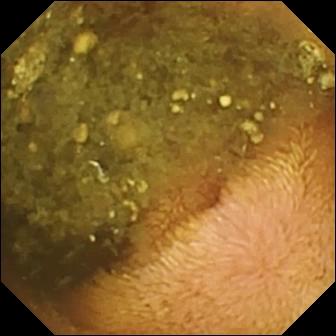Reduced mucosal view (content or bubbles obscuring the mucosa) — WCE image.